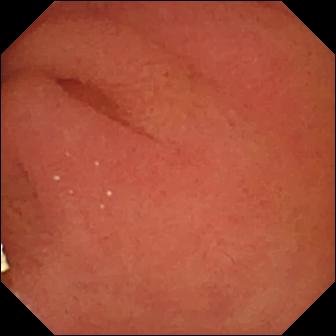- modality: video capsule endoscopy
- category: anatomical landmark
- location: pylorus region (the junction between the stomach and the small bowel)